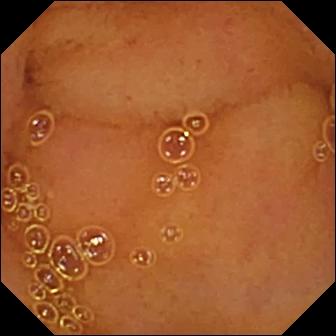{"modality": "wireless capsule endoscopy", "finding": "normal clean mucosa"}